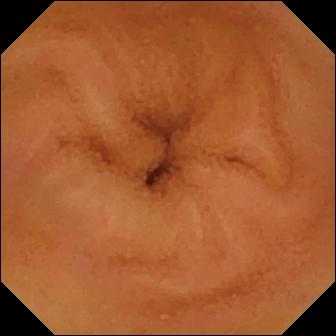PROCEDURE: Small-bowel capsule endoscopy.
FINDINGS: Normal clean mucosa.